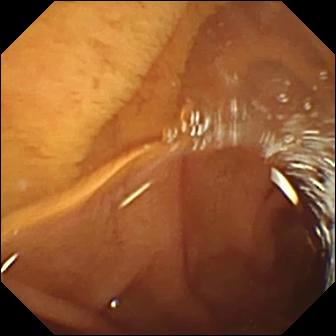- modality: capsule endoscopy
- category: anatomical landmark
- label: pylorus region (the junction between the stomach and the small bowel)